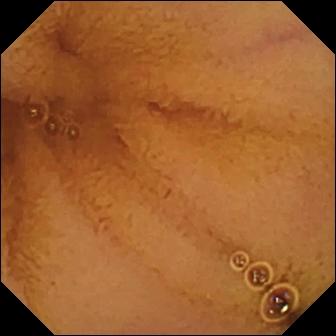Capsule endoscopy — normal clean mucosa.